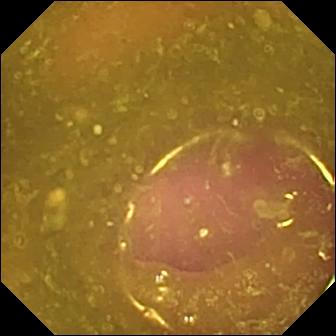Reduced mucosal view (content or bubbles obscuring the mucosa).